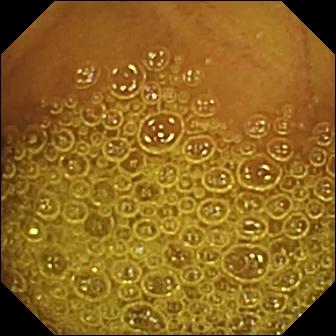Normal clean mucosa — wireless capsule endoscopy view of the small bowel.